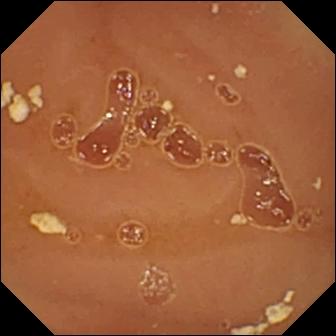This WCE frame of the small intestine shows normal clean mucosa.